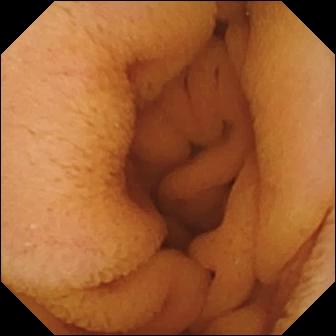This VCE frame shows normal clean mucosa.